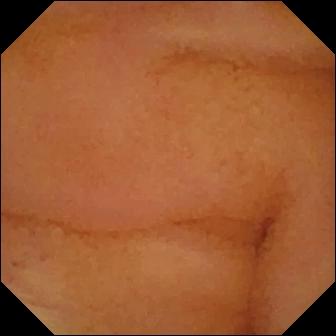modality: VCE | segment: small intestine | category: luminal finding | finding: normal clean mucosa